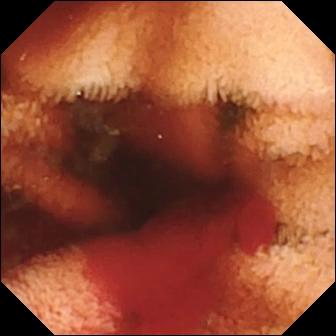{"modality": "small-bowel capsule endoscopy", "finding": "fresh blood in the lumen"}